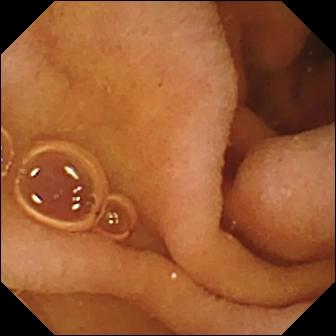Wireless capsule endoscopy still taken in the pylorus region.